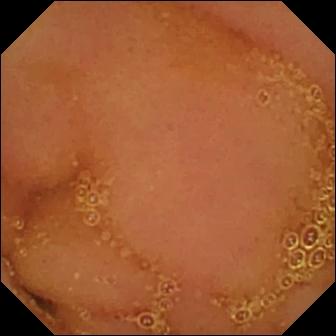This wireless capsule endoscopy still shows normal clean mucosa.